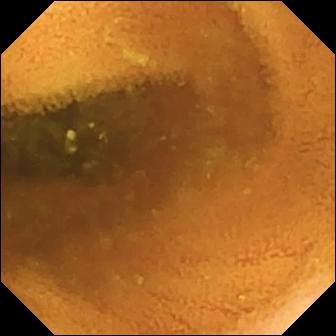Video capsule endoscopy — normal clean mucosa.